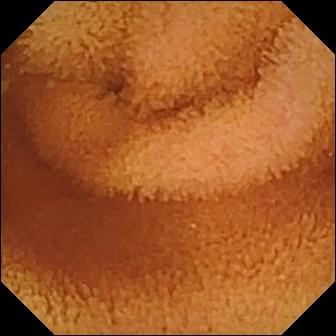- modality: capsule endoscopy
- observation: normal clean mucosa